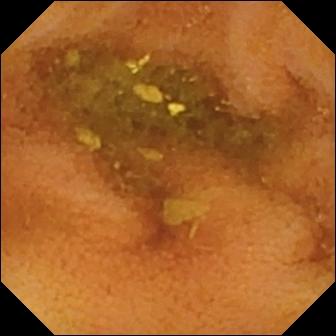- modality: WCE
- label: normal clean mucosa